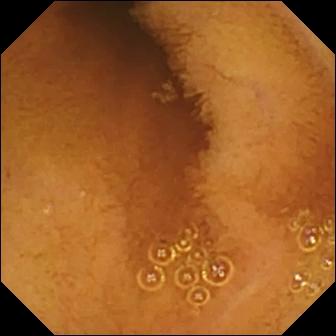Normal clean mucosa — VCE view of the small bowel.